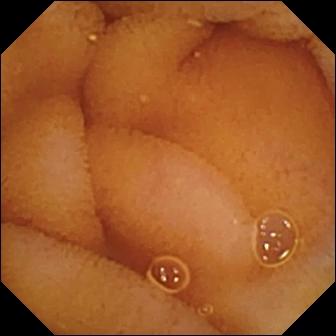Video capsule endoscopy. Label: normal clean mucosa.